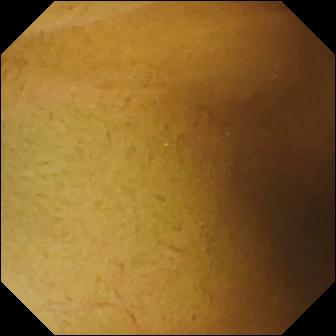Capsule endoscopy image of the small bowel showing normal clean mucosa.